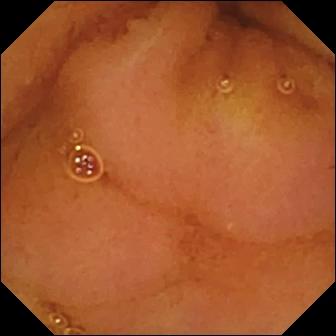Normal clean mucosa.